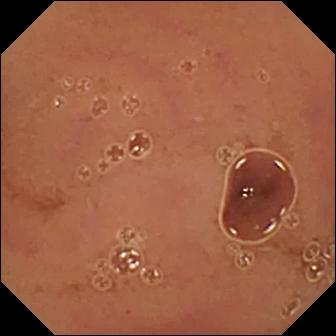Normal clean mucosa — small-bowel capsule endoscopy snapshot.